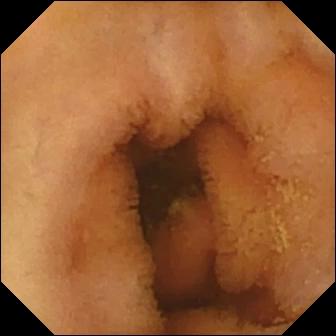WCE snapshot, small intestine
Impression: normal clean mucosa